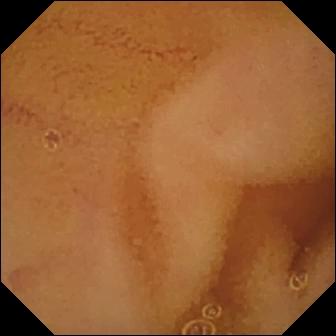Normal clean mucosa — VCE snapshot of the small intestine.